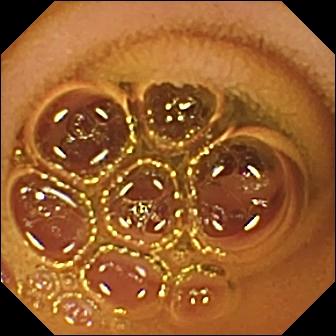WCE snapshot (small intestine), 336×336. Normal clean mucosa.